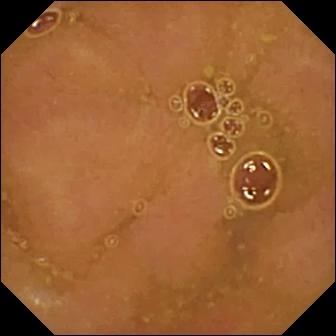Q: What does this WCE still of the small intestine show?
A: Normal clean mucosa.